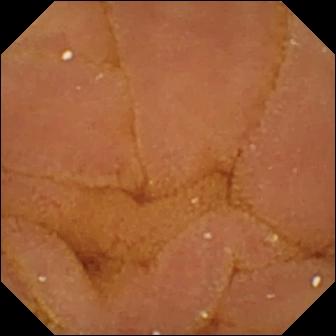This small-bowel capsule endoscopy image shows normal clean mucosa.